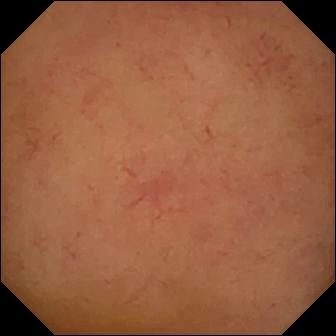Video capsule endoscopy snapshot. Normal clean mucosa.